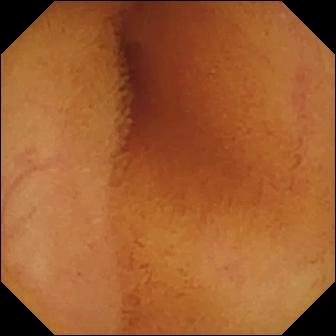Wireless capsule endoscopy. Small intestine. Observation: normal clean mucosa.